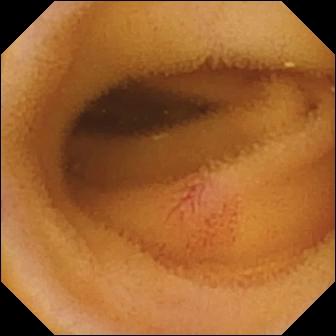Q: What does this video capsule endoscopy image show?
A: Angiectasia.